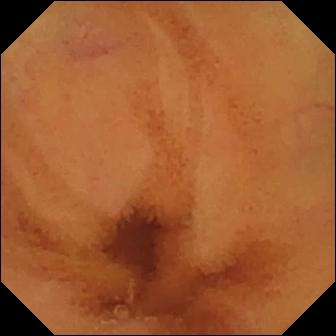- modality: wireless capsule endoscopy
- segment: small intestine
- category: luminal finding
- observation: normal clean mucosa